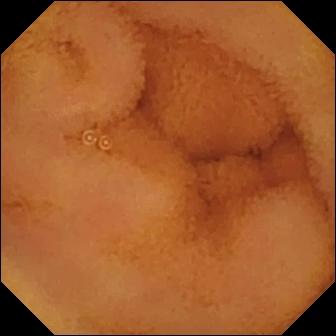PROCEDURE: Wireless capsule endoscopy.
FINDINGS: Normal clean mucosa.